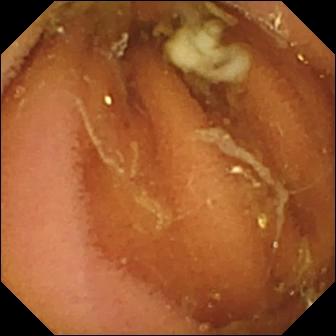Q: What does this small-bowel capsule endoscopy snapshot of the small bowel show?
A: Normal clean mucosa.